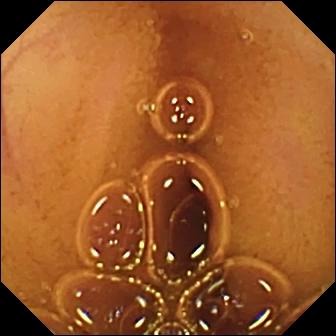Q: What does this VCE view show?
A: Normal clean mucosa.